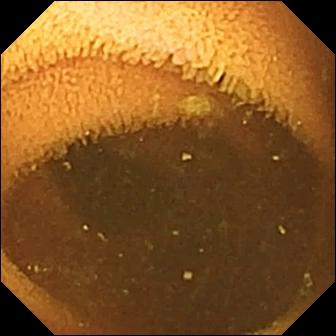modality: wireless capsule endoscopy; segment: small bowel; category: luminal finding; finding: normal clean mucosa